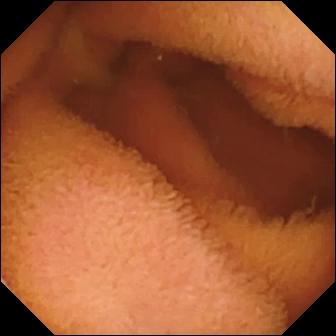Normal clean mucosa.